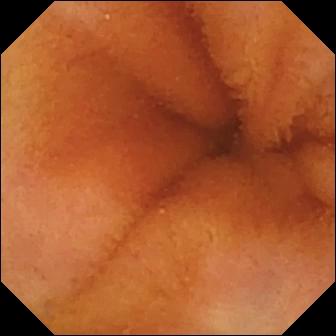This wireless capsule endoscopy snapshot of the small bowel shows normal clean mucosa.